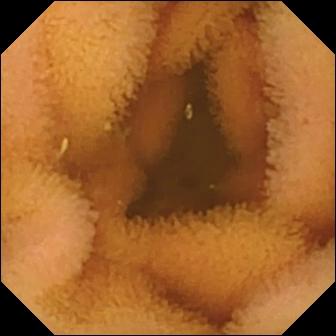Capsule endoscopy frame (small bowel). Normal clean mucosa.